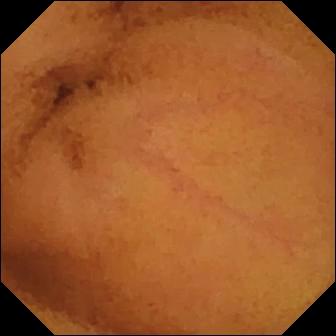VCE snapshot, small intestine
Observation: normal clean mucosa